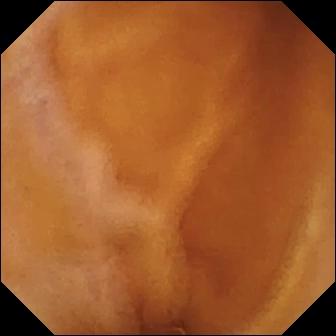Normal clean mucosa (336×336).